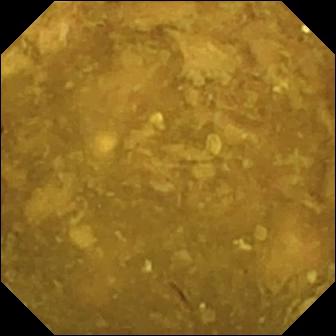Video capsule endoscopy frame of the small intestine showing reduced mucosal view (content or bubbles obscuring the mucosa).